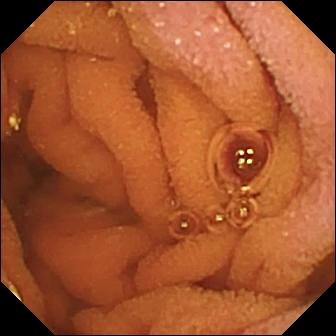Q: What does this wireless capsule endoscopy image show?
A: Normal clean mucosa.